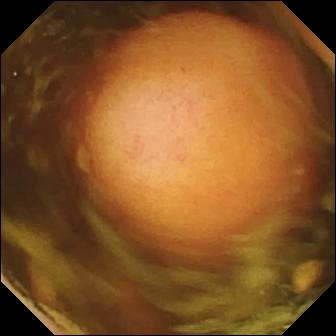Video capsule endoscopy — polyp.